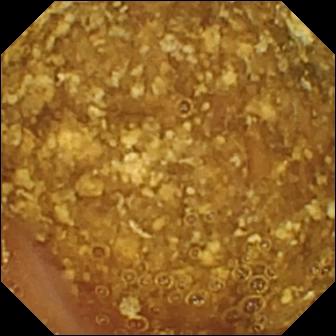Reduced mucosal view (content or bubbles obscuring the mucosa).